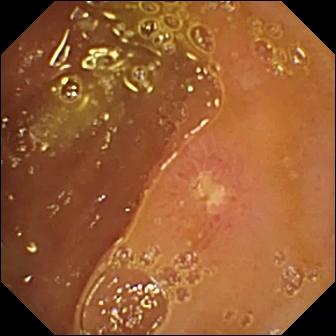This capsule endoscopy view shows ulcer.